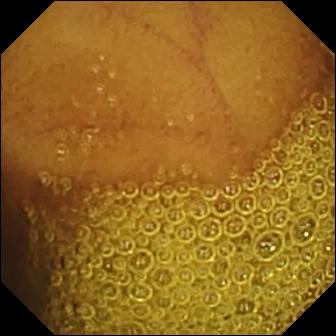Wireless capsule endoscopy still (small intestine), 336×336. Normal clean mucosa.